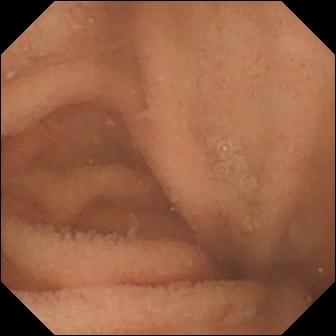Normal clean mucosa.